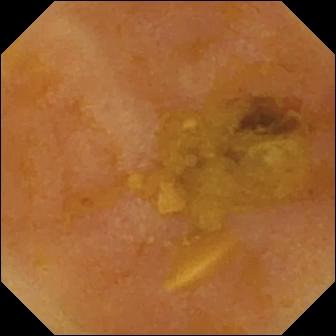modality: VCE; observation: reduced mucosal view (content or bubbles obscuring the mucosa)